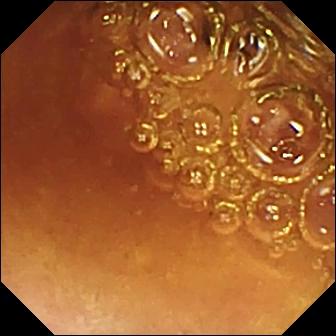WCE view, 336×336. Normal clean mucosa.